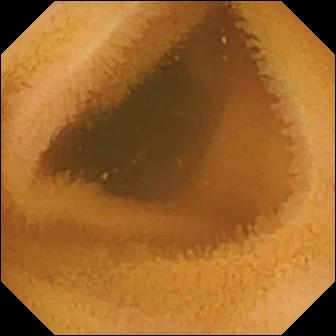VCE. Label: normal clean mucosa.